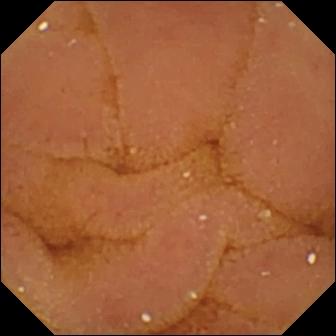Video capsule endoscopy image. Normal clean mucosa.